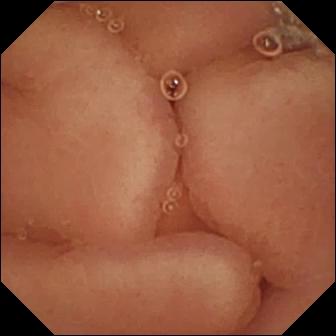Small-bowel capsule endoscopy view taken in the pylorus region (where the capsule passes from the stomach into the small bowel).